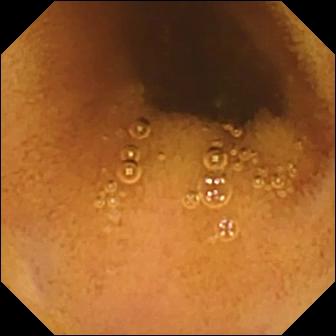VCE image showing normal clean mucosa.